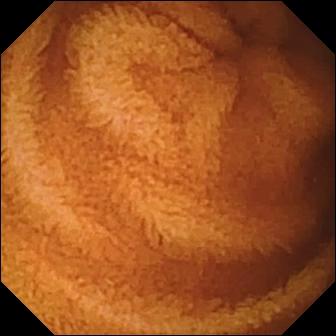- modality: VCE
- segment: small bowel
- impression: normal clean mucosa